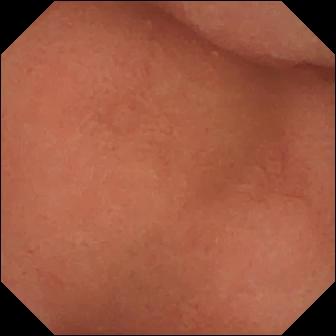{"modality": "small-bowel capsule endoscopy", "video_segment": "pylorus region (the junction between the stomach and the small bowel)"}